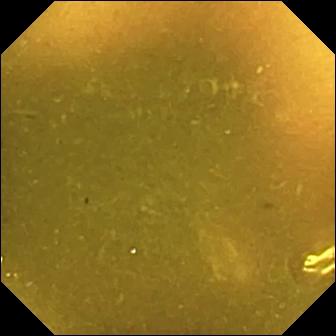This VCE still was taken in the ileo-cecal valve region (where the capsule passes from the small bowel into the large bowel).